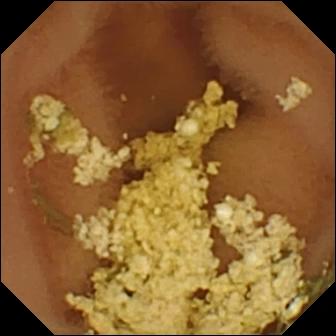VCE — normal clean mucosa.